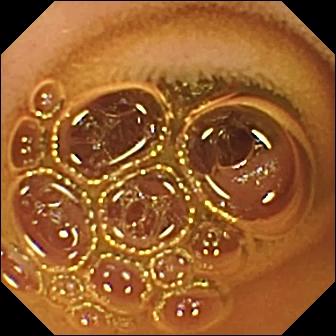- modality: small-bowel capsule endoscopy
- segment: small intestine
- observation: normal clean mucosa